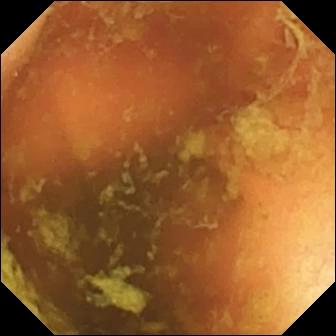Small-bowel capsule endoscopy frame, 336×336. Taken in the ileo-cecal valve region.